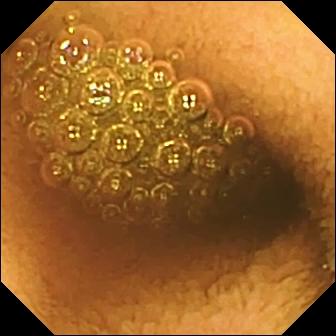VCE image (small bowel). Reduced mucosal view (content or bubbles obscuring the mucosa).